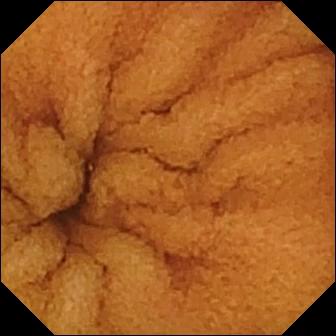PROCEDURE: Small-bowel capsule endoscopy.
SEGMENT: Small bowel.
FINDINGS: Normal clean mucosa.